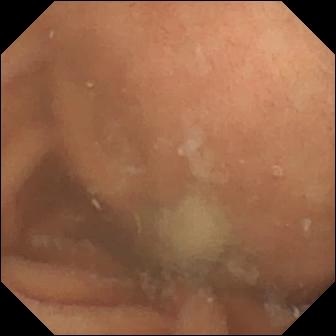Small-bowel capsule endoscopy — normal clean mucosa.